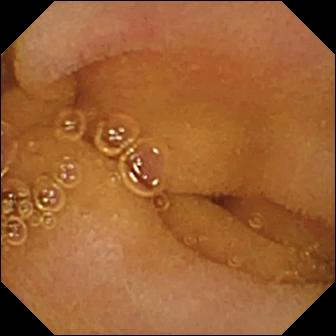Capsule endoscopy. Small bowel. Luminal finding. Observation: normal clean mucosa.